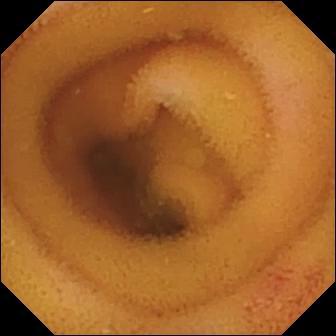- modality: WCE
- impression: angiectasia